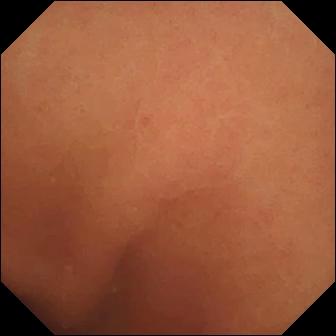Normal clean mucosa.